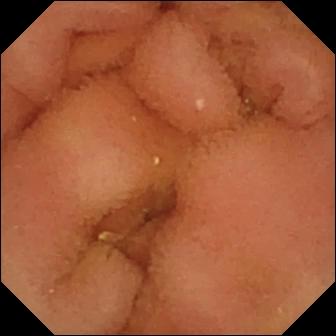VCE. Impression: normal clean mucosa.